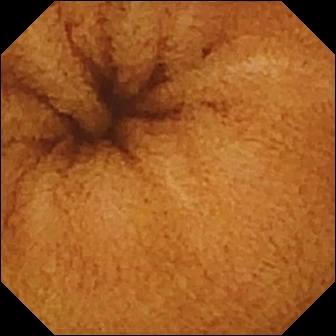Small-bowel capsule endoscopy. Small bowel. Luminal finding. Impression: normal clean mucosa.